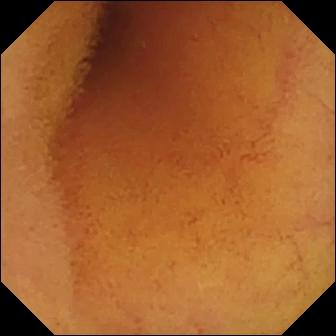{"modality": "video capsule endoscopy", "finding": "normal clean mucosa"}